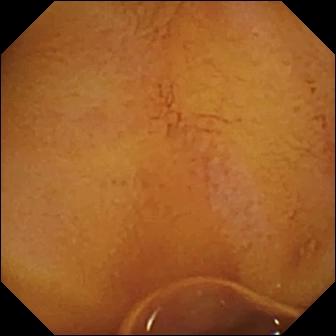modality: capsule endoscopy | observation: normal clean mucosa